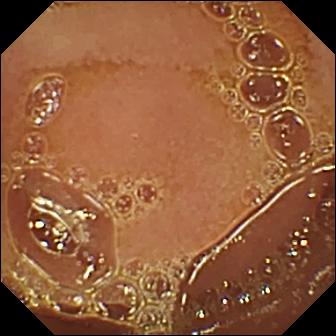WCE still (small bowel), 336×336. Normal clean mucosa.